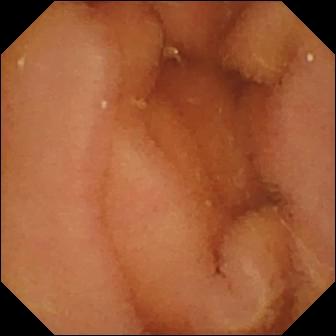Wireless capsule endoscopy frame, 336×336. Normal clean mucosa.